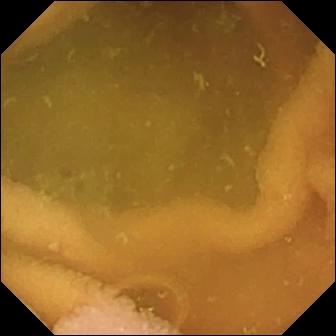- modality: video capsule endoscopy
- segment: small intestine
- observation: normal clean mucosa